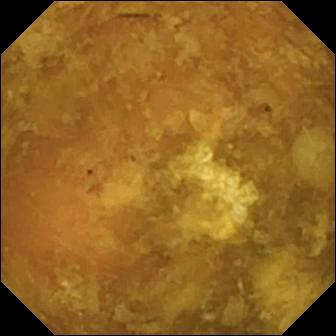Small-bowel capsule endoscopy snapshot. Reduced mucosal view (content or bubbles obscuring the mucosa).